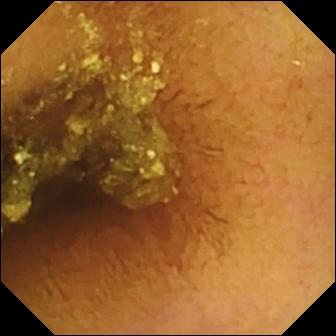WCE — normal clean mucosa.